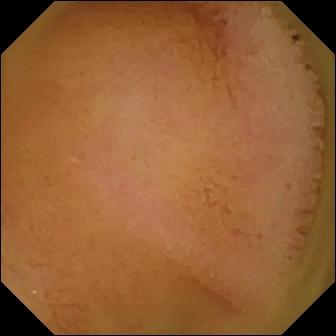This video capsule endoscopy still of the small bowel shows normal clean mucosa.